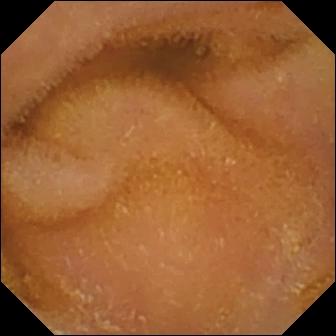PROCEDURE: Wireless capsule endoscopy.
SEGMENT: Small bowel.
FINDINGS: Normal clean mucosa.